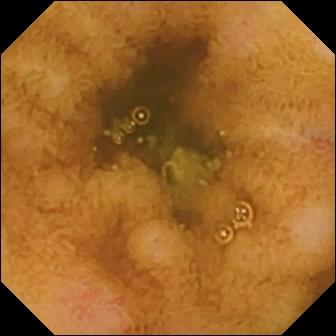Erosion — capsule endoscopy frame.